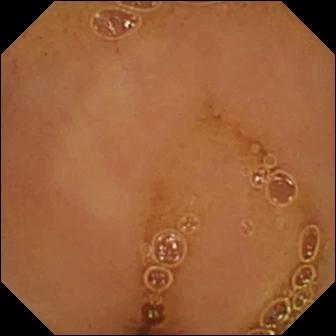Capsule endoscopy frame, small intestine
Observation: normal clean mucosa